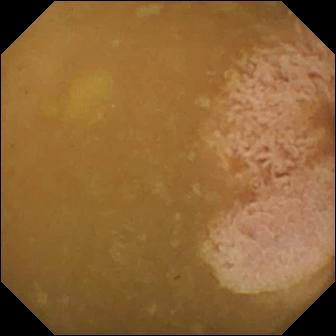Q: Where in the digestive tract was this video capsule endoscopy still taken?
A: Ileo-cecal valve region (the transition from the small bowel to the large bowel).